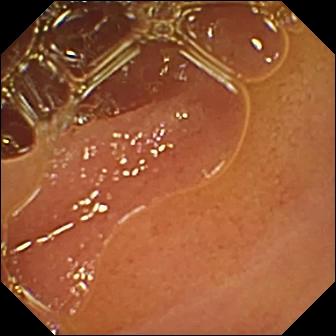Capsule endoscopy — normal clean mucosa.